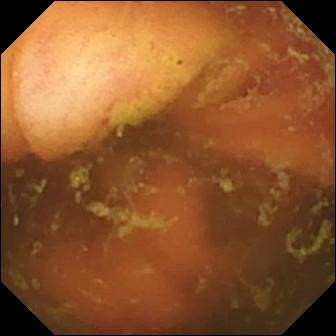Q: Where in the digestive tract was this small-bowel capsule endoscopy still taken?
A: Ileo-cecal valve region (where the capsule passes from the small bowel into the large bowel).